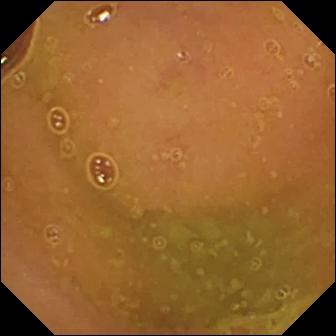Capsule endoscopy view
Impression: normal clean mucosa